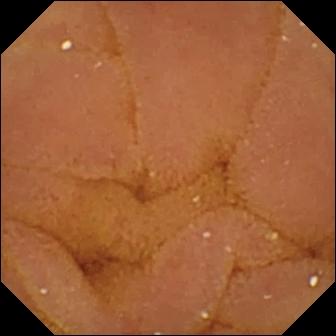VCE frame
Finding: normal clean mucosa